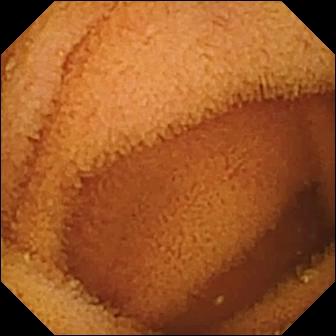Q: What does this video capsule endoscopy image of the small intestine show?
A: Normal clean mucosa.